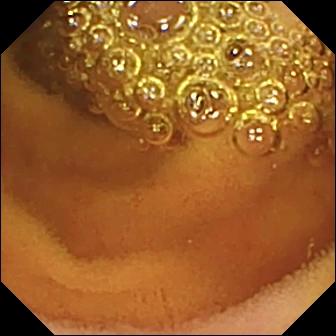WCE. Luminal finding. Impression: normal clean mucosa.